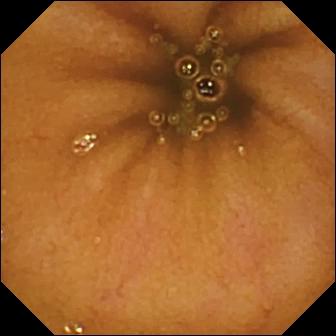This wireless capsule endoscopy view shows normal clean mucosa.